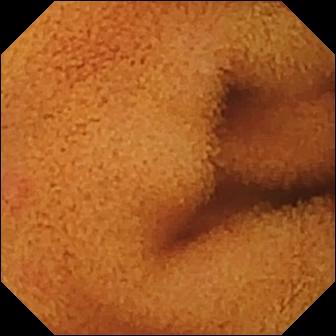modality: VCE
observation: normal clean mucosa